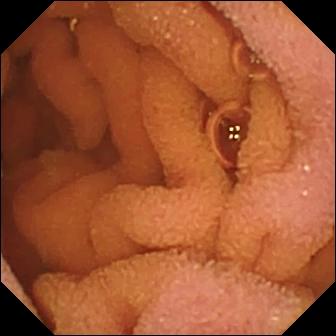Capsule endoscopy view, small intestine
Impression: normal clean mucosa